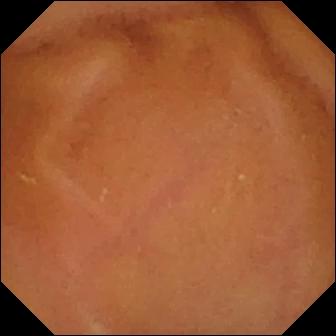This video capsule endoscopy image of the small bowel shows normal clean mucosa.